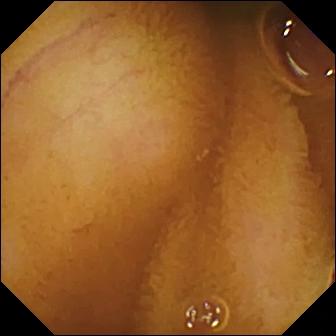Q: What does this wireless capsule endoscopy view show?
A: Normal clean mucosa.